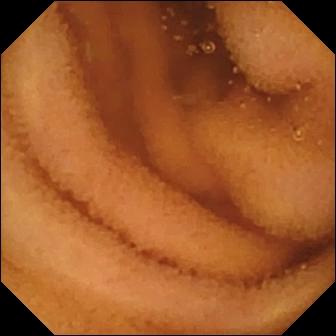modality: video capsule endoscopy
segment: small intestine
observation: normal clean mucosa